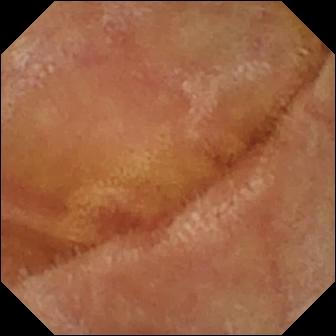modality: VCE
label: normal clean mucosa